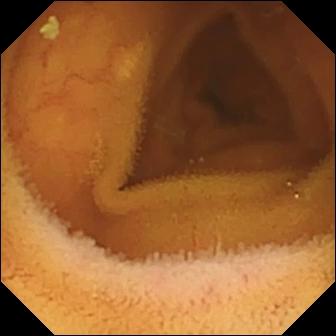Normal clean mucosa.